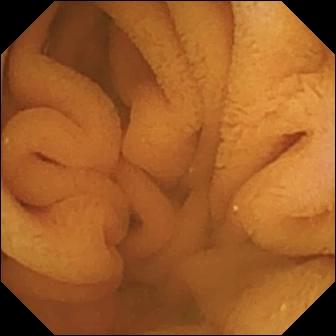Video capsule endoscopy. Finding: normal clean mucosa.